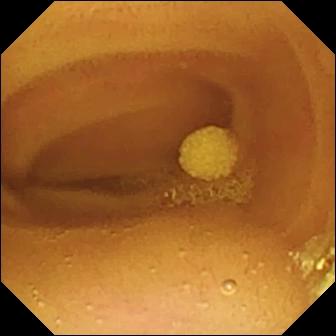Lymphangiectasia — capsule endoscopy snapshot.